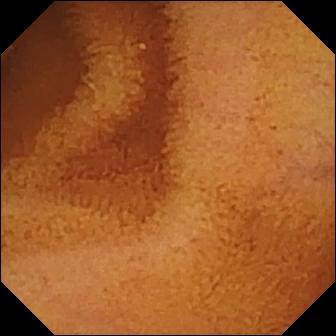modality: video capsule endoscopy | finding: normal clean mucosa